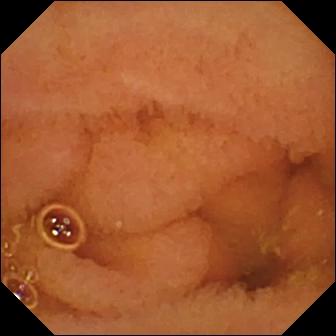This small-bowel capsule endoscopy image shows normal clean mucosa.